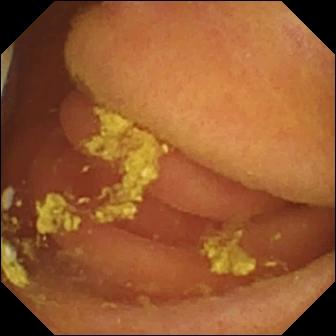VCE snapshot showing foreign body (e.g. retained capsule, tablet residue).